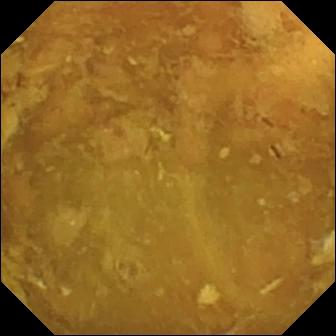Wireless capsule endoscopy — reduced mucosal view (content or bubbles obscuring the mucosa).